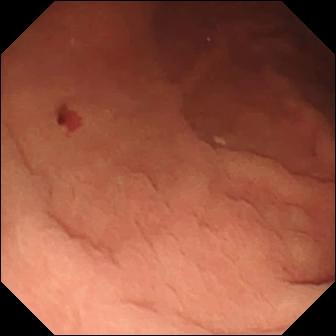modality: video capsule endoscopy | label: angiectasia